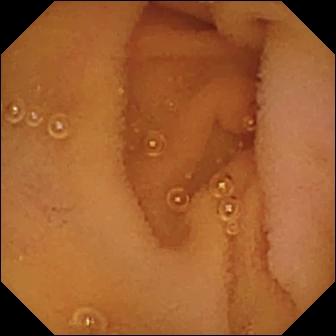Normal clean mucosa — WCE snapshot of the small bowel.